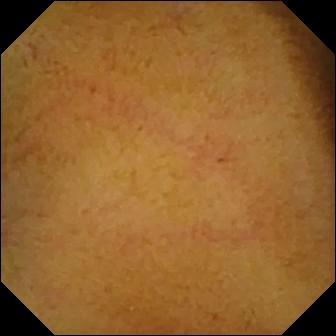modality: video capsule endoscopy | category: luminal finding | observation: normal clean mucosa